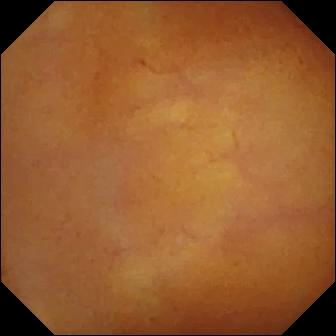WCE. Small bowel. Finding: normal clean mucosa.